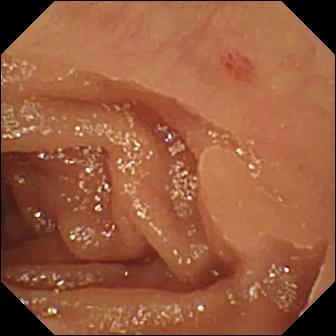Video capsule endoscopy image, 336×336. Angiectasia.